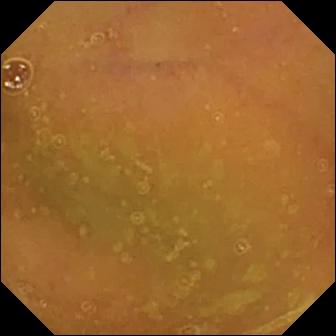Q: What does this capsule endoscopy still of the small bowel show?
A: Normal clean mucosa.